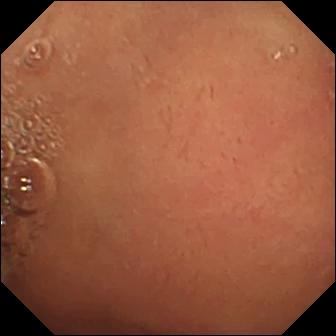{"modality": "VCE", "video_segment": "pylorus region (where the capsule passes from the stomach into the small bowel)"}